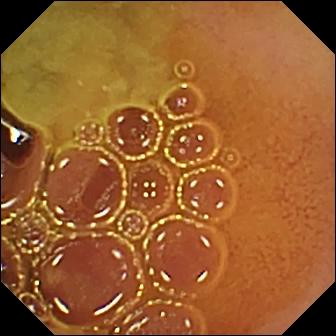VCE — normal clean mucosa.